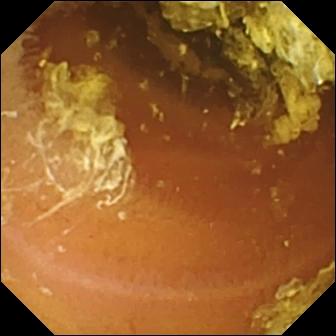Q: What does this video capsule endoscopy image of the small bowel show?
A: Normal clean mucosa.